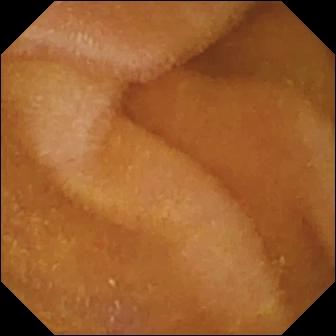This small-bowel capsule endoscopy snapshot shows normal clean mucosa.